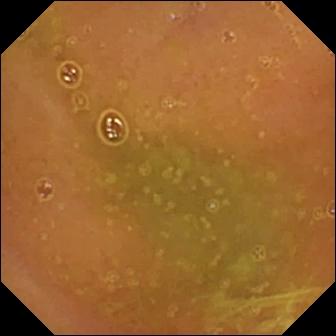Capsule endoscopy — normal clean mucosa.